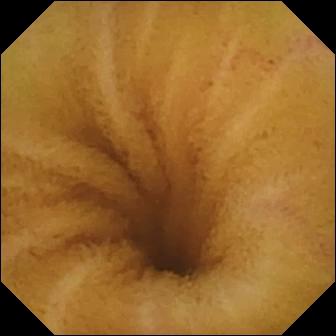{"modality": "small-bowel capsule endoscopy", "segment": "small intestine", "finding": "normal clean mucosa"}